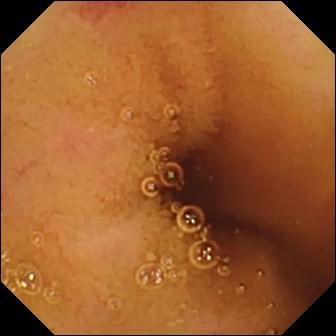Angiectasia.